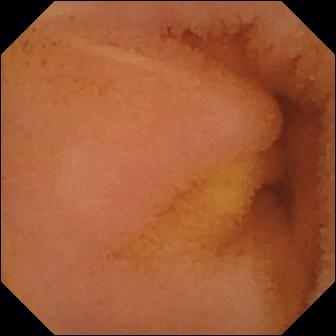Normal clean mucosa.